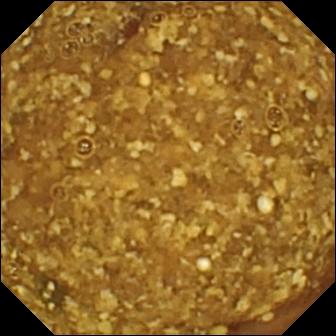VCE image of the small intestine showing reduced mucosal view (content or bubbles obscuring the mucosa).